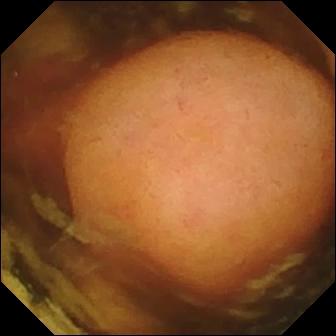Video capsule endoscopy — polyp.